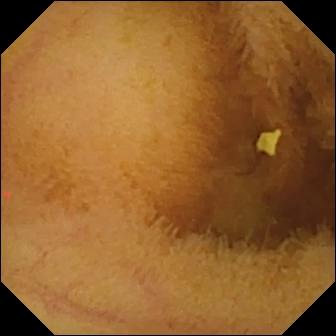This VCE snapshot of the small bowel shows normal clean mucosa.